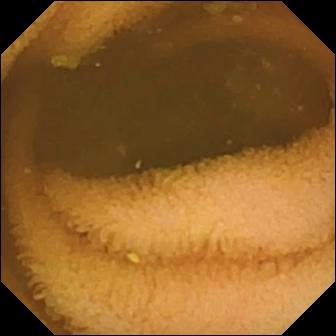Capsule endoscopy — normal clean mucosa.